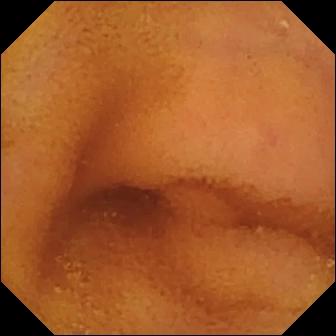Capsule endoscopy snapshot of the small intestine showing normal clean mucosa.